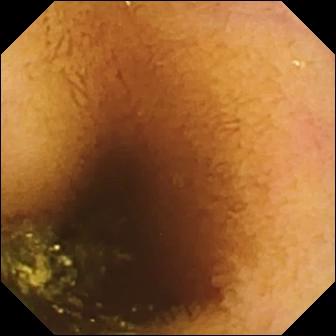Video capsule endoscopy still (small intestine). Normal clean mucosa.